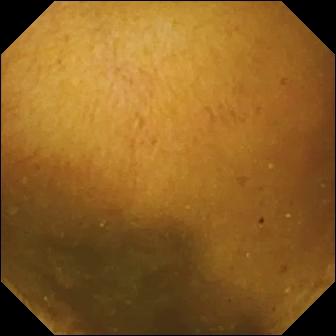Video capsule endoscopy frame
Observation: normal clean mucosa